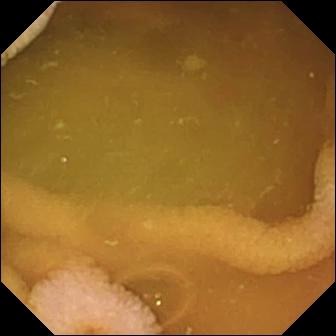Normal clean mucosa (336×336).